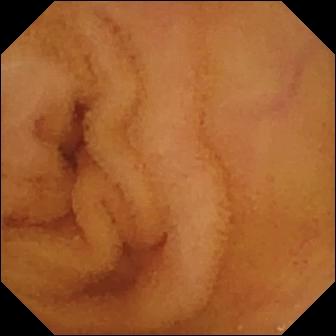Normal clean mucosa (336×336).